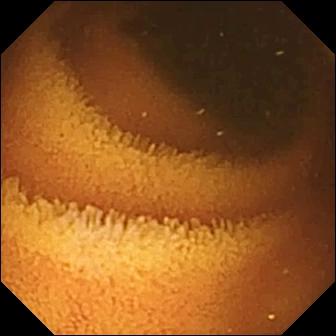This wireless capsule endoscopy snapshot shows normal clean mucosa.